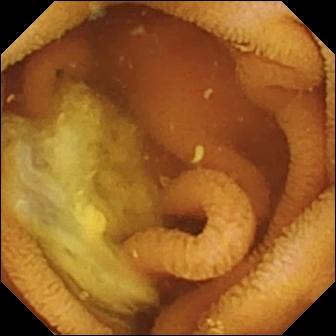This VCE still of the small bowel shows normal clean mucosa.